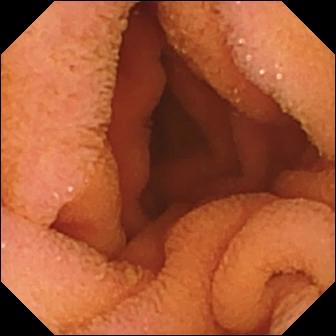WCE image of the small bowel showing normal clean mucosa.